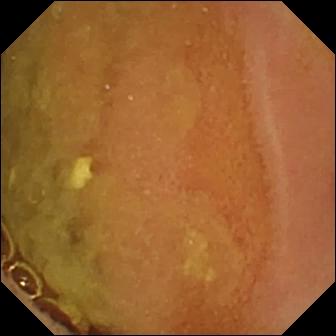This WCE view shows normal clean mucosa.